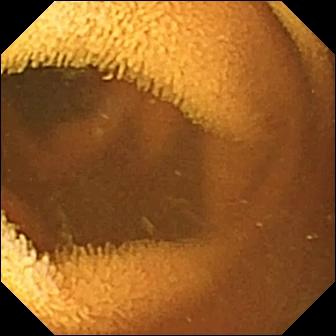Small-bowel capsule endoscopy. Small intestine. Impression: normal clean mucosa.